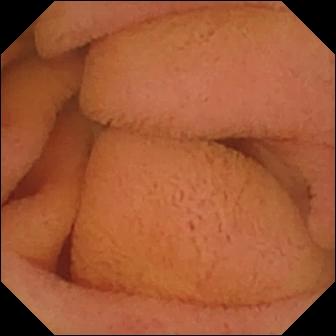PROCEDURE: Video capsule endoscopy.
FINDINGS: Normal clean mucosa.